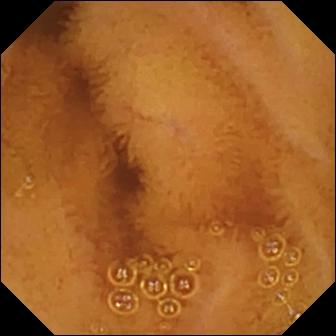modality: WCE
finding: normal clean mucosa